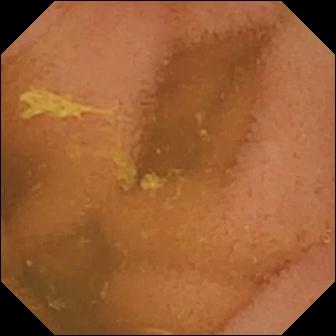Normal clean mucosa.